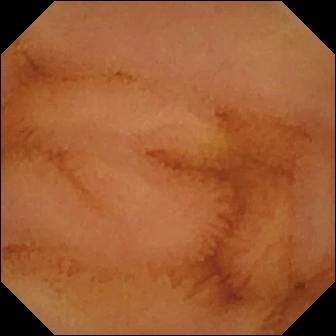Small-bowel capsule endoscopy. Small intestine. Luminal finding. Observation: normal clean mucosa.